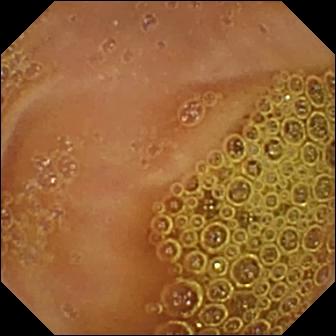Small-bowel capsule endoscopy. Impression: normal clean mucosa.